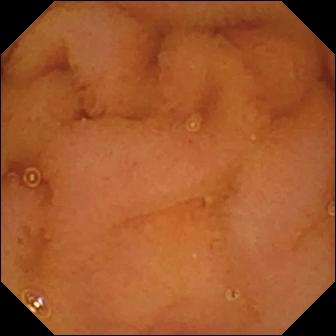Capsule endoscopy image of the small intestine showing normal clean mucosa.